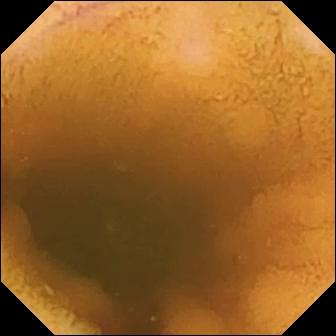Normal clean mucosa.